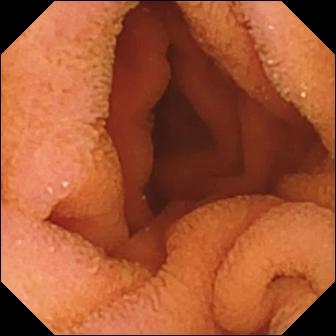- modality: video capsule endoscopy
- finding: normal clean mucosa